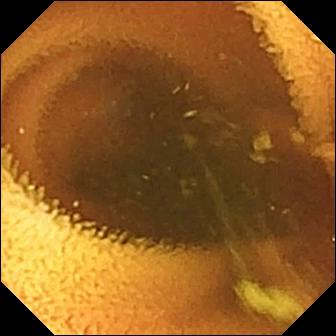Normal clean mucosa.